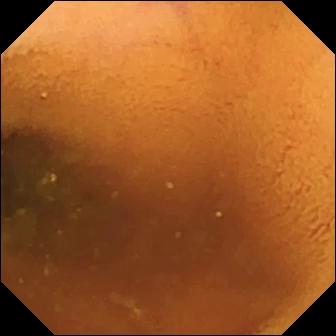- modality: WCE
- label: normal clean mucosa